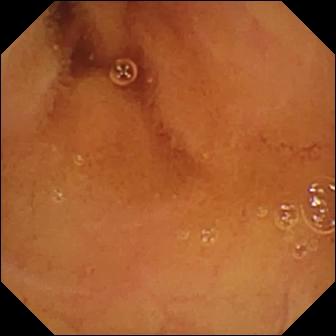Q: What does this VCE view show?
A: Normal clean mucosa.